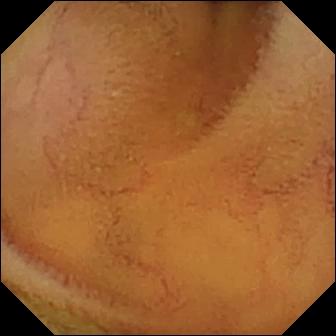Wireless capsule endoscopy still (small bowel). Normal clean mucosa.